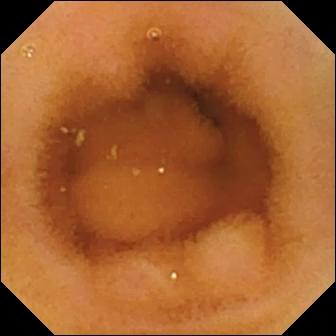modality: small-bowel capsule endoscopy
segment: small bowel
impression: normal clean mucosa